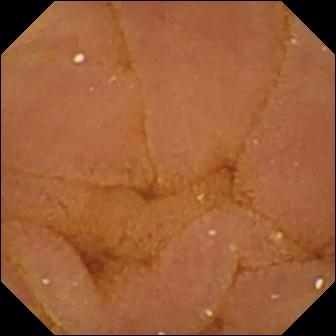{"modality": "capsule endoscopy", "finding": "normal clean mucosa"}